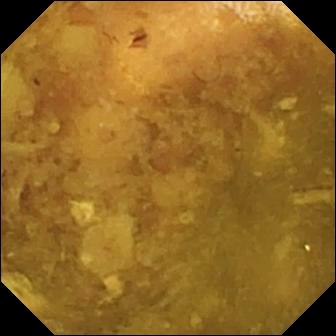Capsule endoscopy image. Reduced mucosal view (content or bubbles obscuring the mucosa).